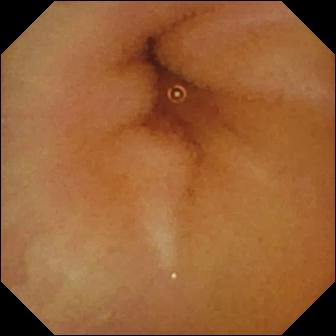Small-bowel capsule endoscopy — normal clean mucosa.